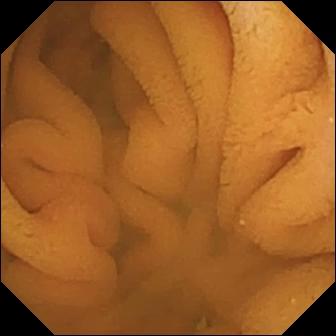PROCEDURE: VCE.
SEGMENT: Small intestine.
FINDINGS: Normal clean mucosa.